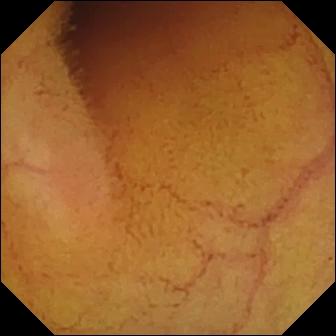This capsule endoscopy still of the small bowel shows normal clean mucosa.